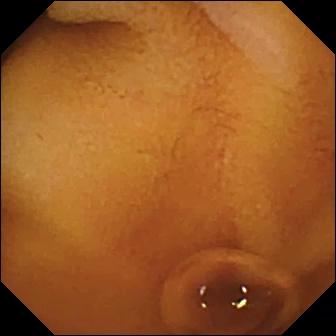modality: capsule endoscopy
impression: normal clean mucosa